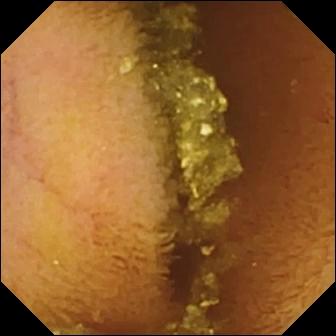PROCEDURE: Video capsule endoscopy.
FINDINGS: Normal clean mucosa.